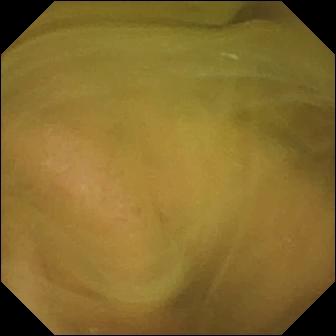modality: WCE; segment: small intestine; impression: normal clean mucosa